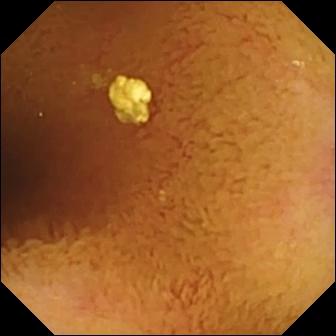{"modality": "VCE", "finding": "normal clean mucosa"}